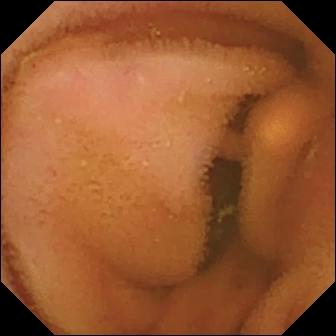Normal clean mucosa (336×336).